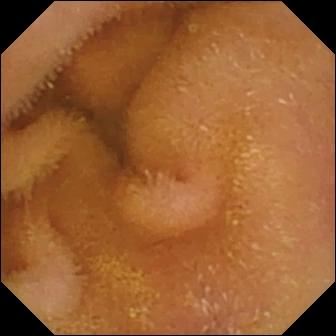PROCEDURE: Wireless capsule endoscopy.
FINDINGS: Normal clean mucosa.